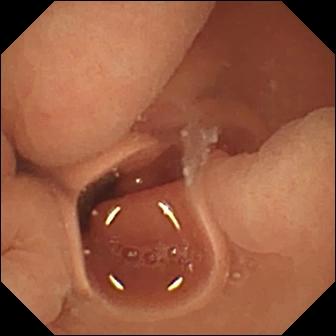Capsule endoscopy — normal clean mucosa.